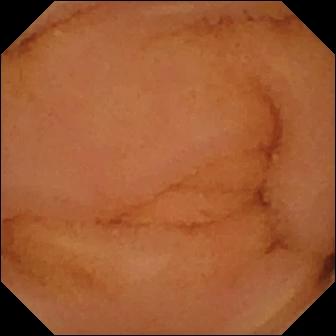Video capsule endoscopy — normal clean mucosa.